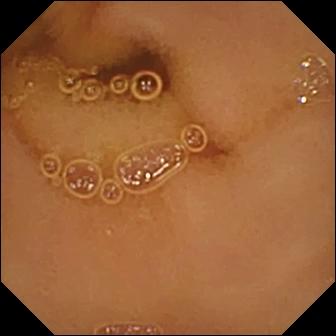VCE view. Normal clean mucosa.